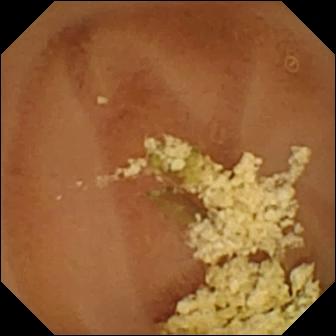Capsule endoscopy. Small intestine. Label: normal clean mucosa.